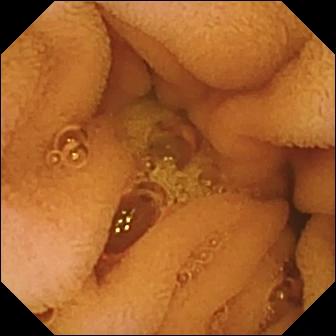PROCEDURE: VCE.
FINDINGS: Normal clean mucosa.